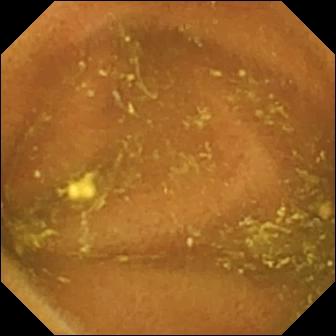{"modality": "VCE", "position": "ileo-cecal valve region"}